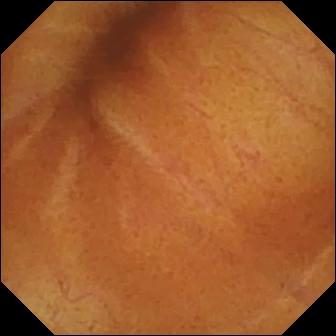Wireless capsule endoscopy snapshot (small intestine). Normal clean mucosa.